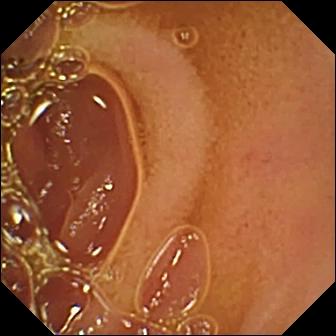Normal clean mucosa — VCE still.